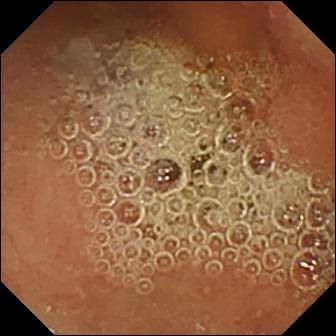- modality: video capsule endoscopy
- category: luminal finding
- impression: normal clean mucosa